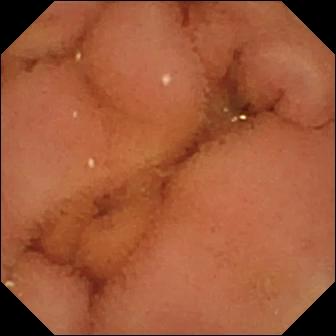- modality: VCE
- observation: normal clean mucosa